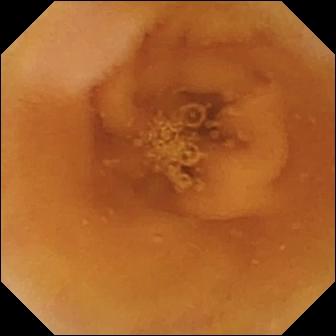Small-bowel capsule endoscopy — normal clean mucosa.